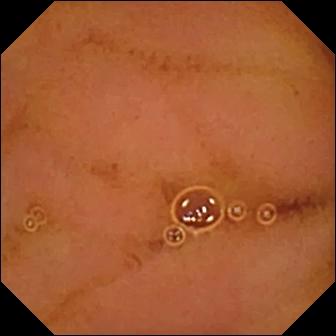Wireless capsule endoscopy snapshot of the small intestine showing normal clean mucosa.